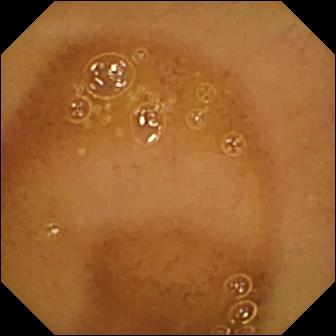Normal clean mucosa.